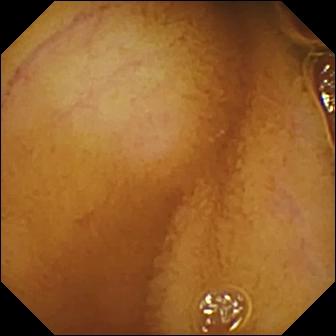- modality: VCE
- observation: normal clean mucosa